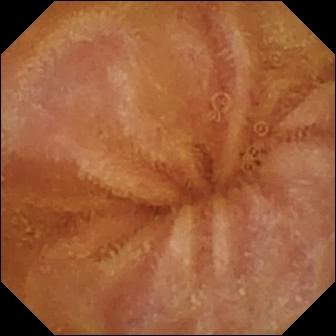Normal clean mucosa.